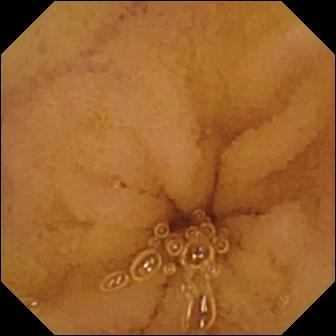Normal clean mucosa — WCE snapshot of the small bowel.